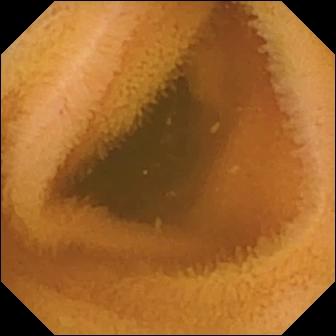Normal clean mucosa (336×336).